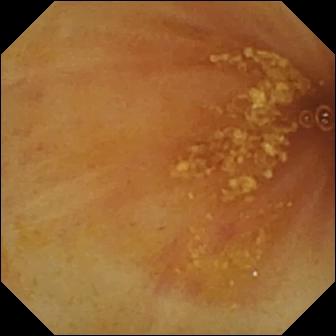This video capsule endoscopy snapshot was taken in the ileo-cecal valve region.